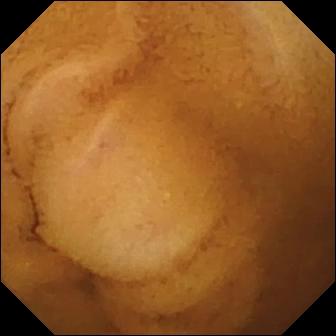PROCEDURE: Small-bowel capsule endoscopy.
SEGMENT: Small intestine.
FINDINGS: Normal clean mucosa.